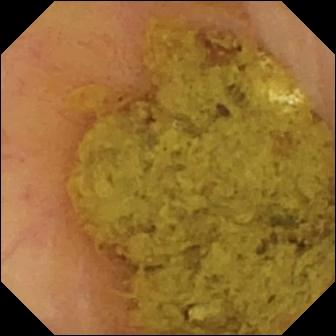Capsule endoscopy. Video segment: ileo-cecal valve region (where the capsule passes from the small bowel into the large bowel).